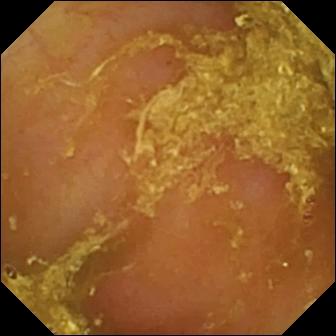modality: VCE
segment: small intestine
category: luminal finding
finding: reduced mucosal view (content or bubbles obscuring the mucosa)